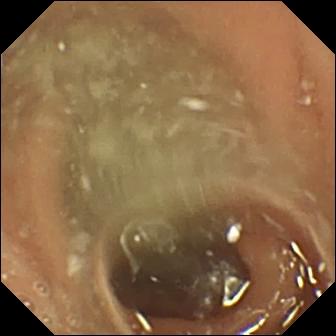Capsule endoscopy. Small bowel. Impression: normal clean mucosa.